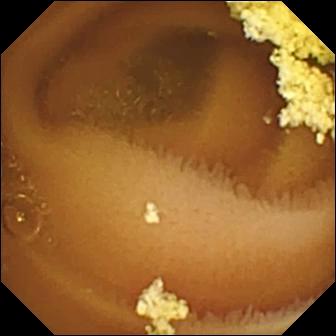PROCEDURE: WCE.
FINDINGS: Normal clean mucosa.